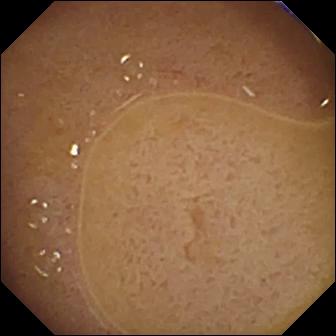Small-bowel capsule endoscopy frame, 336×336. Taken in the ileo-cecal valve region.